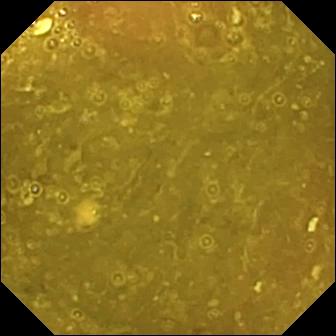{"modality": "small-bowel capsule endoscopy", "label": "ileo-cecal valve region"}